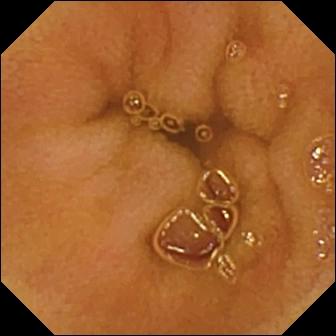Small-bowel capsule endoscopy still. Normal clean mucosa.